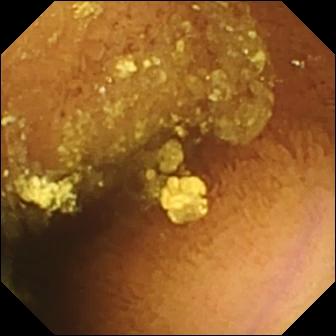Normal clean mucosa.